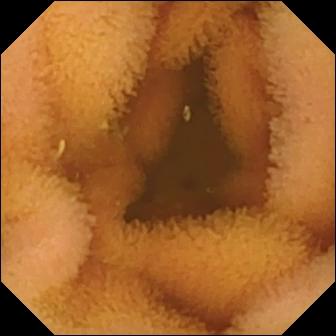WCE view showing normal clean mucosa.